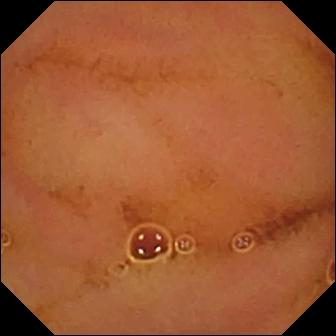Normal clean mucosa (336×336).